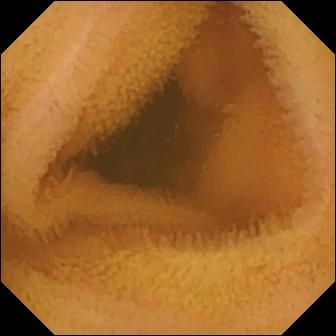Normal clean mucosa.